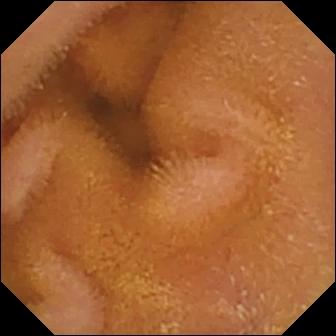- modality: capsule endoscopy
- category: luminal finding
- impression: normal clean mucosa